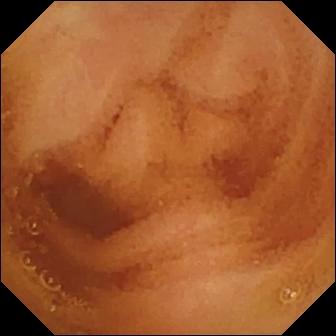VCE still (small bowel). Normal clean mucosa.